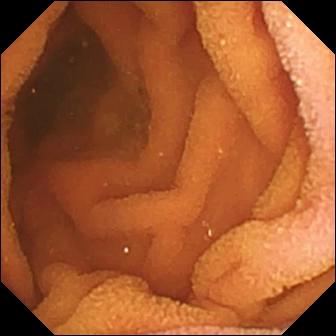Capsule endoscopy image of the small bowel showing normal clean mucosa.